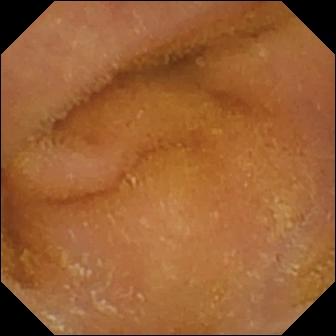{"modality": "VCE", "category": "luminal finding", "finding": "normal clean mucosa"}